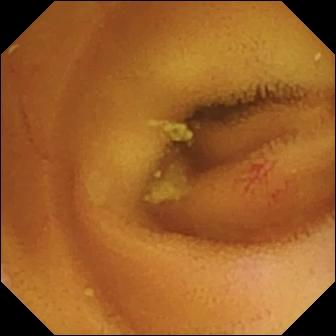modality: WCE; label: angiectasia